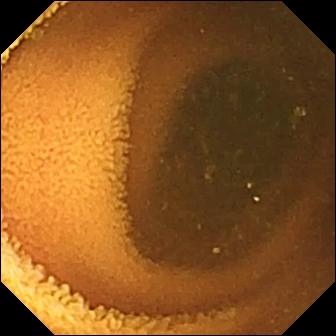- modality: small-bowel capsule endoscopy
- category: luminal finding
- impression: normal clean mucosa